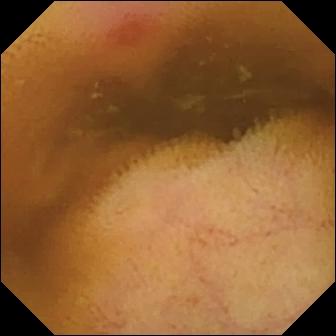- modality: WCE
- observation: erythema (mucosal redness)